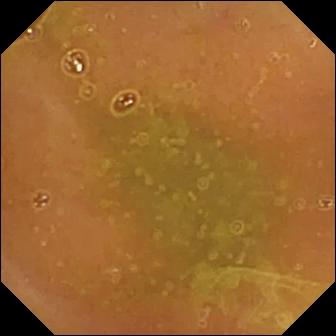- modality: small-bowel capsule endoscopy
- category: luminal finding
- finding: normal clean mucosa